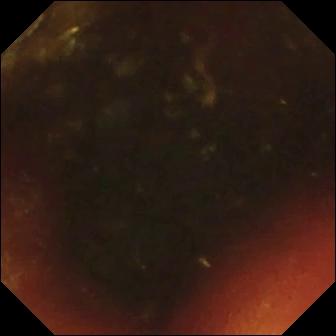Ileo-cecal valve region — capsule endoscopy view.